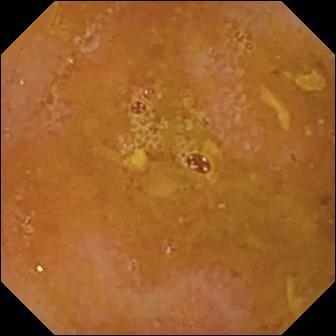This WCE snapshot shows reduced mucosal view (content or bubbles obscuring the mucosa).